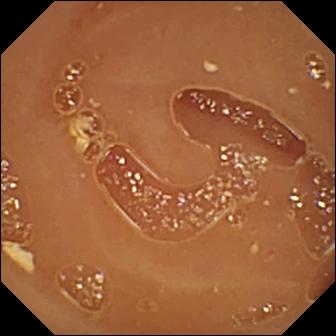WCE. Small bowel. Label: normal clean mucosa.